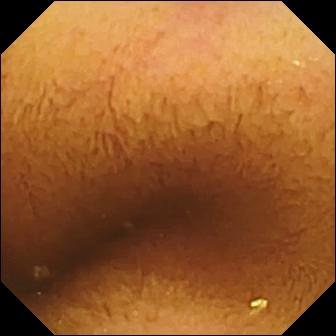Q: What does this WCE view of the small bowel show?
A: Normal clean mucosa.